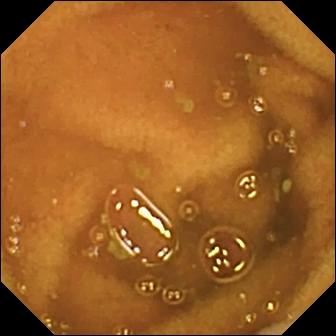PROCEDURE: VCE.
SEGMENT: Small intestine.
FINDINGS: Normal clean mucosa.